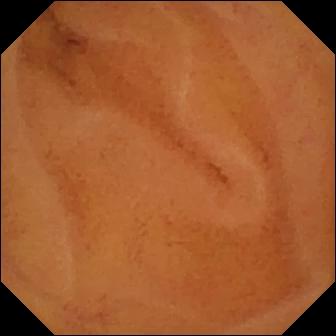modality: video capsule endoscopy | segment: small bowel | impression: normal clean mucosa